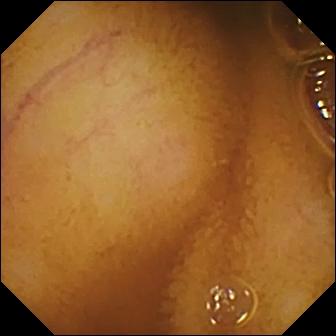Capsule endoscopy image showing normal clean mucosa.